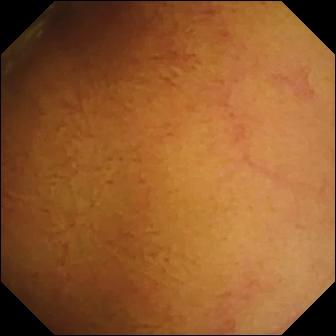PROCEDURE: Video capsule endoscopy.
FINDINGS: Normal clean mucosa.